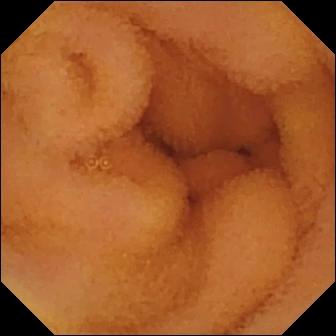Normal clean mucosa — video capsule endoscopy snapshot of the small bowel.